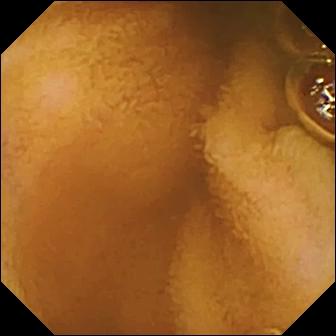PROCEDURE: Small-bowel capsule endoscopy.
FINDINGS: Normal clean mucosa.